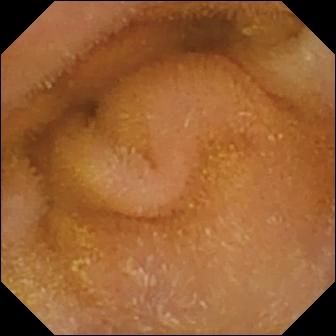Capsule endoscopy view. Normal clean mucosa.